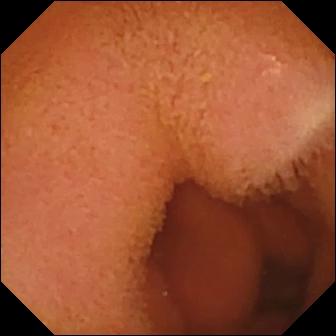VCE. Small bowel. Finding: normal clean mucosa.